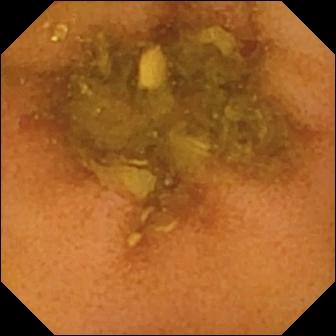Q: What does this wireless capsule endoscopy view of the small bowel show?
A: Normal clean mucosa.